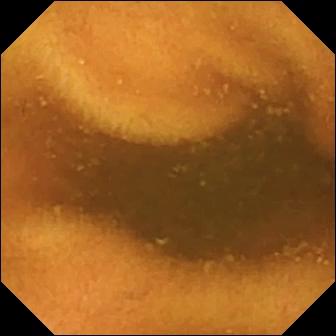Normal clean mucosa.